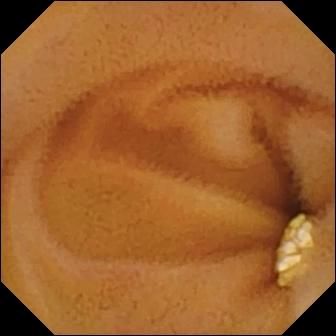PROCEDURE: Capsule endoscopy.
FINDINGS: Lymphangiectasia.